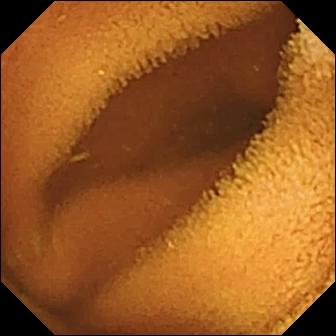VCE — normal clean mucosa.